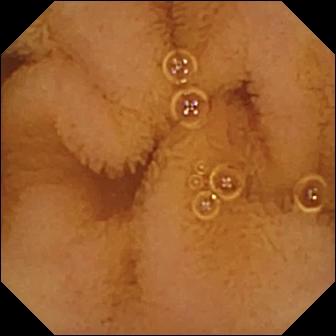PROCEDURE: Video capsule endoscopy.
FINDINGS: Normal clean mucosa.